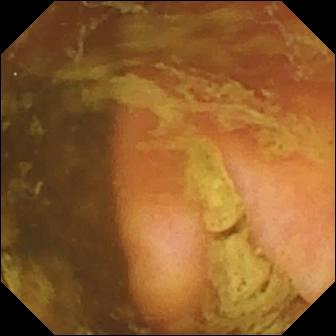modality: small-bowel capsule endoscopy; location: ileo-cecal valve region (where the capsule passes from the small bowel into the large bowel)